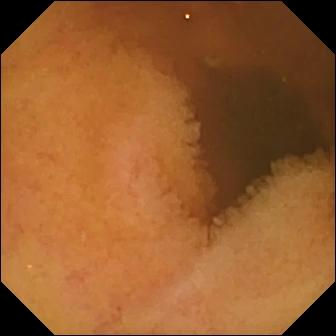This small-bowel capsule endoscopy still shows normal clean mucosa.